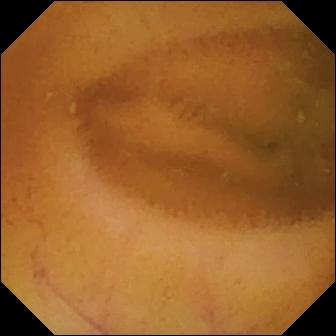Small-bowel capsule endoscopy still (small intestine). Normal clean mucosa.